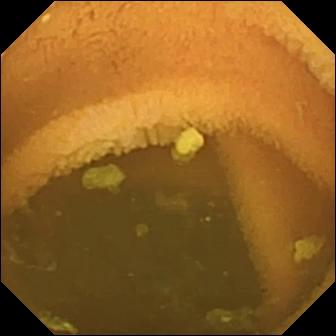PROCEDURE: Capsule endoscopy.
SEGMENT: Small bowel.
FINDINGS: Normal clean mucosa.